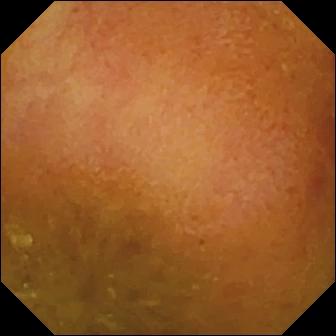Wireless capsule endoscopy view
Observation: reduced mucosal view (content or bubbles obscuring the mucosa)